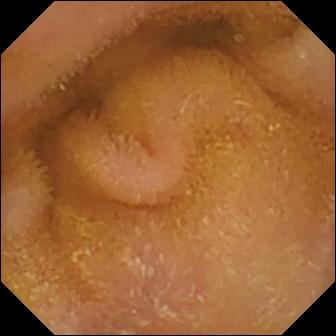Wireless capsule endoscopy image, small intestine
Finding: normal clean mucosa